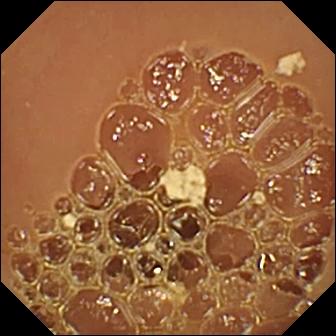Q: What does this video capsule endoscopy still show?
A: Normal clean mucosa.